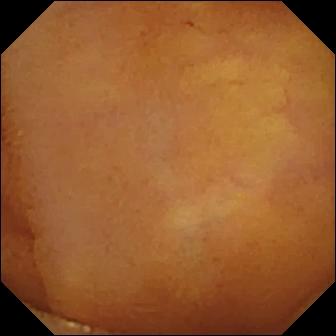VCE snapshot
Impression: normal clean mucosa